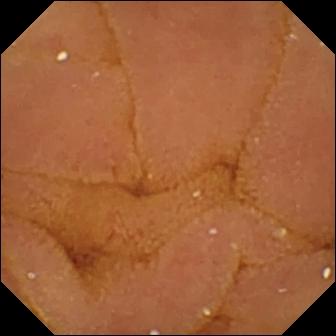Video capsule endoscopy still
Finding: normal clean mucosa